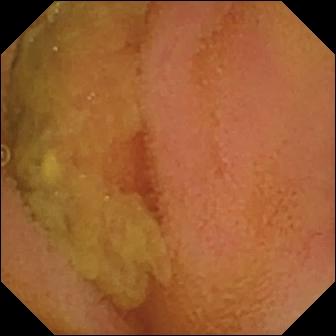{"modality": "small-bowel capsule endoscopy", "finding": "normal clean mucosa"}